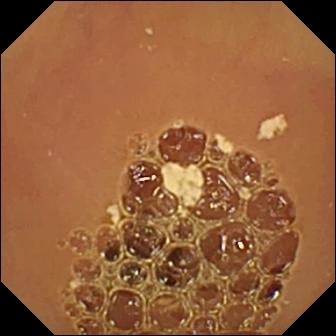PROCEDURE: Video capsule endoscopy.
FINDINGS: Normal clean mucosa.